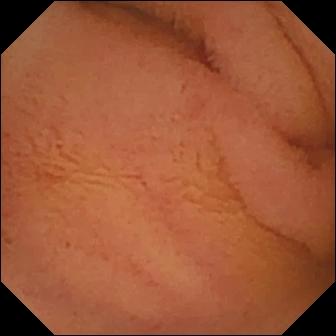Video capsule endoscopy view showing normal clean mucosa.